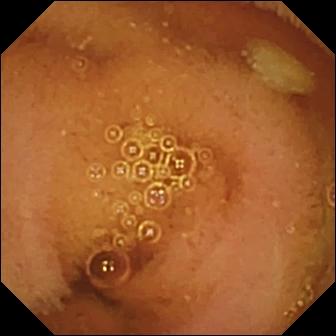{"modality": "small-bowel capsule endoscopy", "segment": "small bowel", "category": "luminal finding", "finding": "normal clean mucosa"}